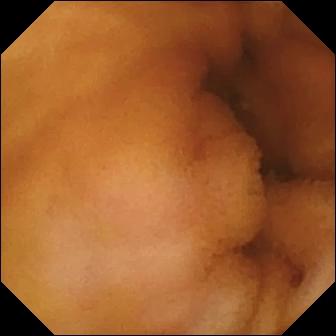Q: What does this small-bowel capsule endoscopy image of the small intestine show?
A: Normal clean mucosa.